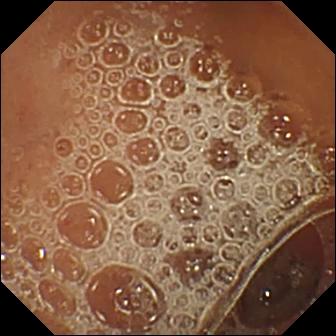Q: What does this small-bowel capsule endoscopy image show?
A: Normal clean mucosa.